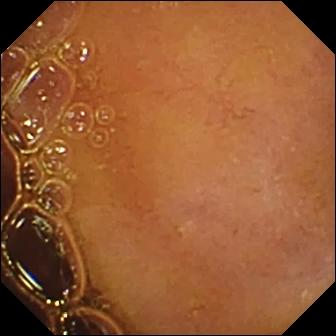- modality: wireless capsule endoscopy
- segment: small intestine
- observation: normal clean mucosa